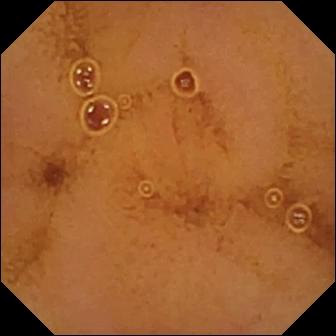VCE view of the small intestine showing normal clean mucosa.